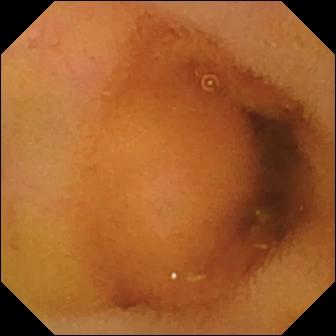Video capsule endoscopy — normal clean mucosa.